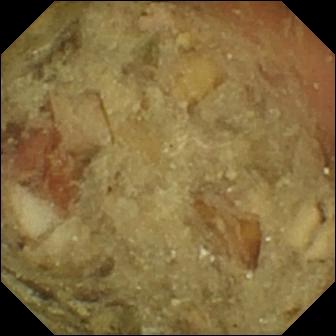Pylorus region (where the capsule passes from the stomach into the small bowel) — VCE frame.